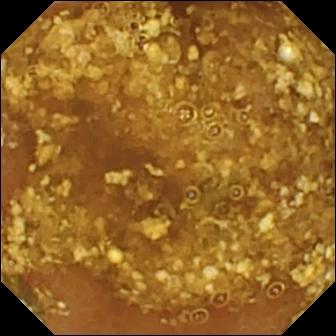WCE image (small bowel). Reduced mucosal view (content or bubbles obscuring the mucosa).